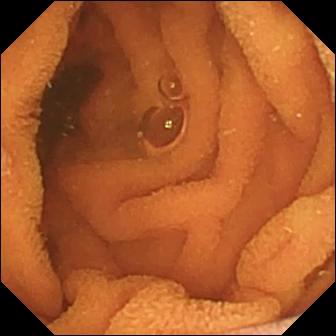PROCEDURE: Wireless capsule endoscopy.
SEGMENT: Small bowel.
FINDINGS: Normal clean mucosa.